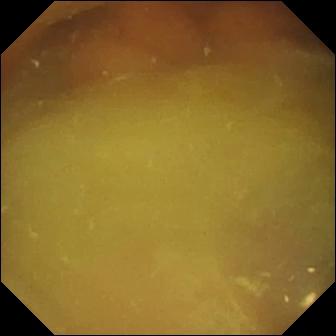modality: video capsule endoscopy
label: normal clean mucosa